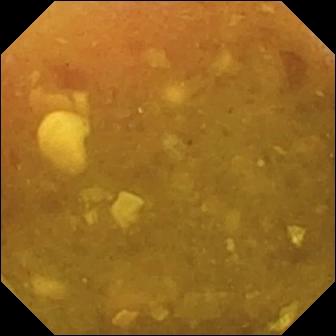- modality: video capsule endoscopy
- finding: reduced mucosal view (content or bubbles obscuring the mucosa)